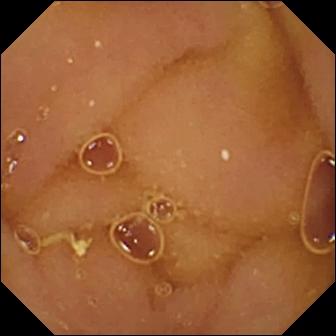Normal clean mucosa — WCE frame.